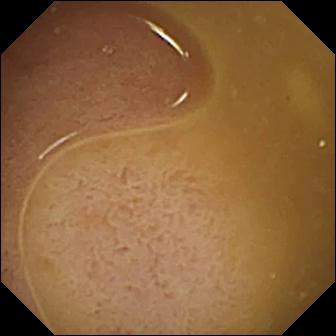Video capsule endoscopy — ileo-cecal valve region (where the capsule passes from the small bowel into the large bowel).